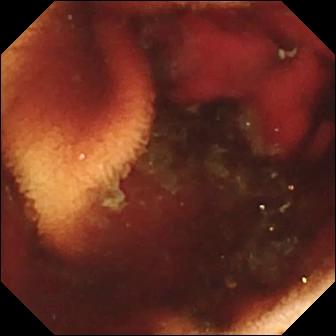Q: What does this small-bowel capsule endoscopy frame show?
A: Fresh blood in the lumen.